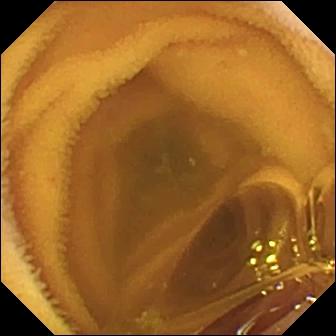modality: WCE | segment: small intestine | label: normal clean mucosa